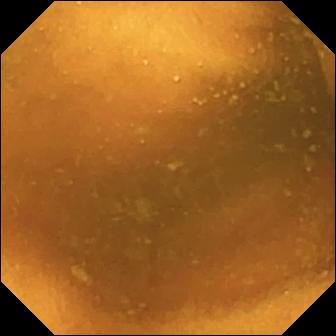Q: What does this WCE image of the small intestine show?
A: Normal clean mucosa.